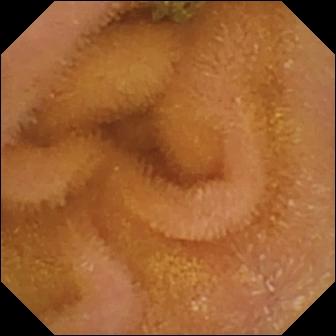Wireless capsule endoscopy — normal clean mucosa.